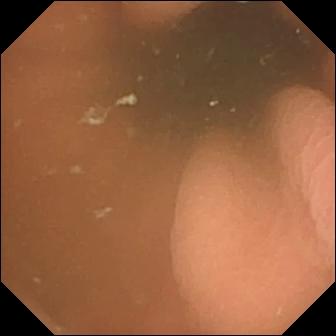modality: WCE | category: anatomical landmark | position: pylorus region